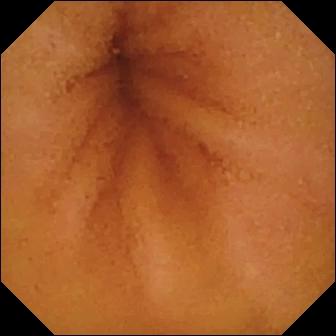Video capsule endoscopy still
Impression: normal clean mucosa